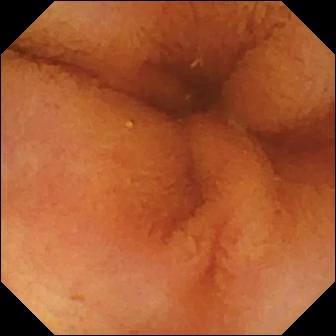- modality: WCE
- label: normal clean mucosa